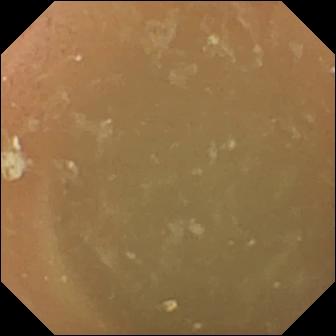Normal clean mucosa.